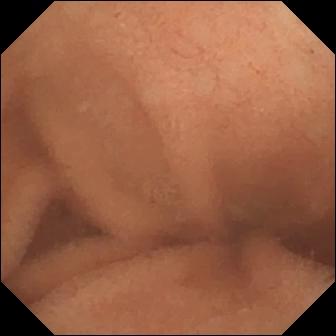Capsule endoscopy frame, 336×336. Normal clean mucosa.